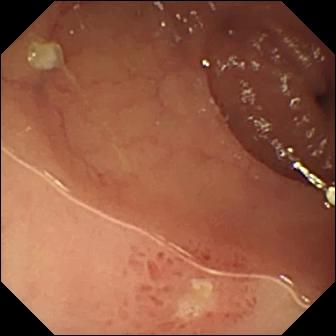{"modality": "small-bowel capsule endoscopy", "finding": "ulcer"}